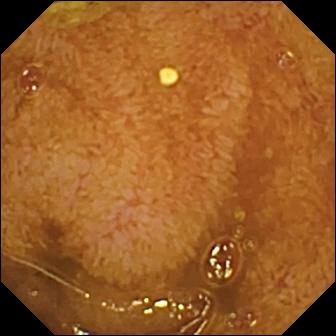Video capsule endoscopy snapshot taken in the ileo-cecal valve region.